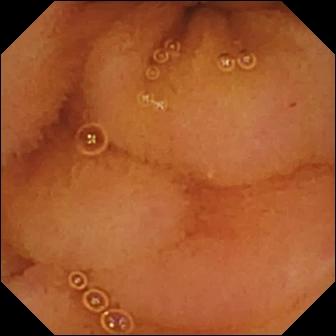Video capsule endoscopy still of the small intestine showing normal clean mucosa.